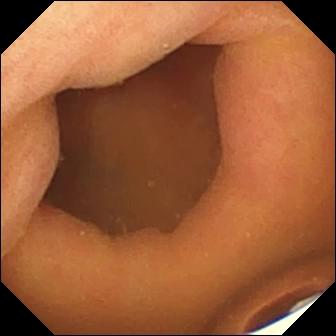WCE frame. Foreign body (e.g. retained capsule, tablet residue).